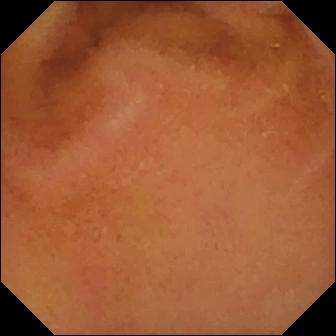{"modality": "video capsule endoscopy", "segment": "small bowel", "finding": "normal clean mucosa"}